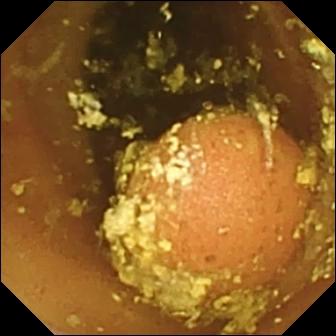- modality: WCE
- impression: foreign body (e.g. retained capsule, tablet residue)